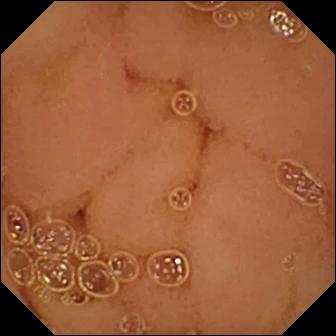This wireless capsule endoscopy frame shows normal clean mucosa.